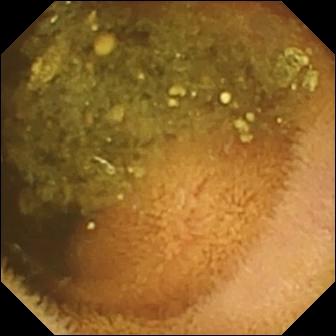Video capsule endoscopy — reduced mucosal view (content or bubbles obscuring the mucosa).